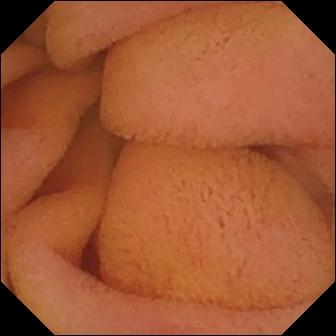Capsule endoscopy snapshot of the small intestine showing normal clean mucosa.